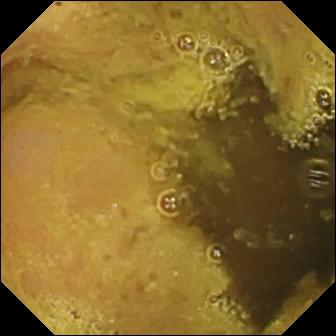Q: Where in the digestive tract was this capsule endoscopy snapshot taken?
A: Ileo-cecal valve region.